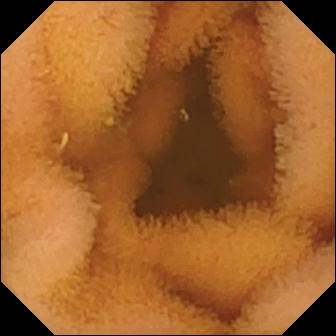VCE frame, small bowel
Observation: normal clean mucosa